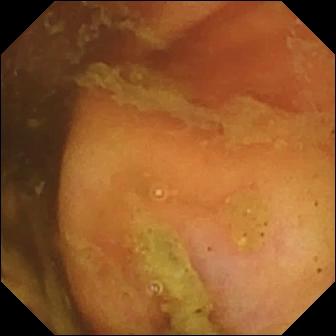Small-bowel capsule endoscopy still
Location: ileo-cecal valve region (where the capsule passes from the small bowel into the large bowel)